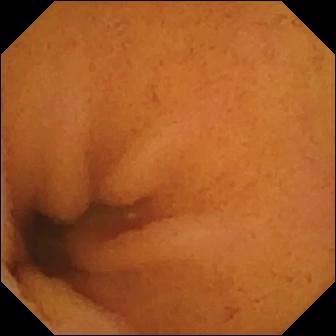Small-bowel capsule endoscopy snapshot (small bowel). Normal clean mucosa.